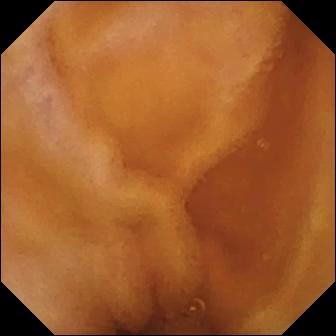This VCE image shows normal clean mucosa.